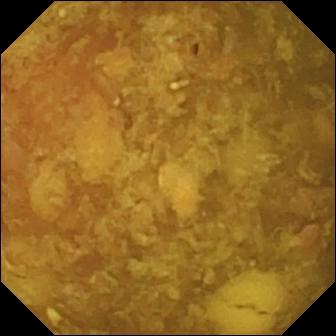Q: What does this small-bowel capsule endoscopy view show?
A: Reduced mucosal view (content or bubbles obscuring the mucosa).